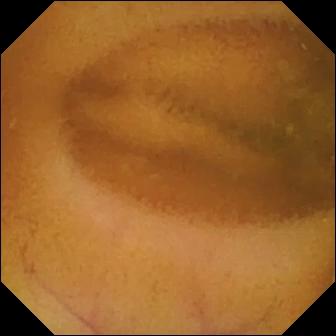Normal clean mucosa — VCE still of the small bowel.